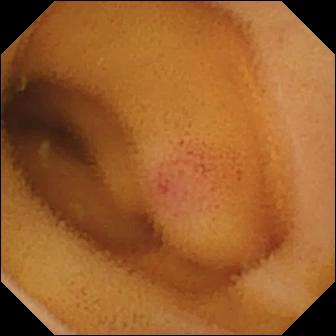Video capsule endoscopy — angiectasia.